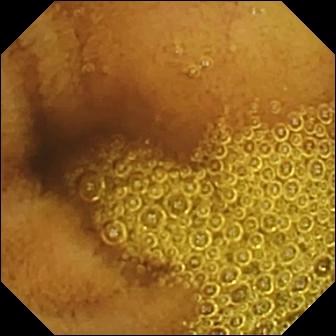This capsule endoscopy frame of the small intestine shows normal clean mucosa.